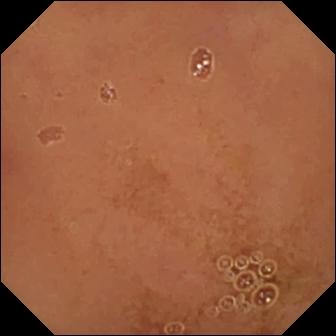Video capsule endoscopy — normal clean mucosa.